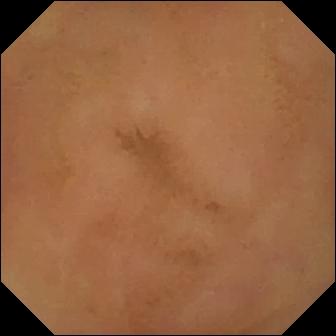Q: What does this video capsule endoscopy still of the small bowel show?
A: Normal clean mucosa.